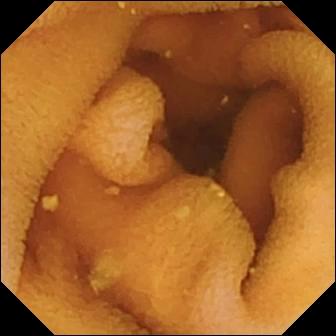PROCEDURE: WCE.
FINDINGS: Normal clean mucosa.